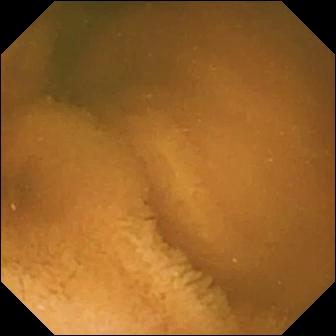- modality: wireless capsule endoscopy
- label: normal clean mucosa